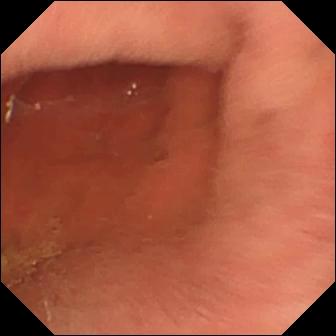Pylorus region (the junction between the stomach and the small bowel) — capsule endoscopy image.